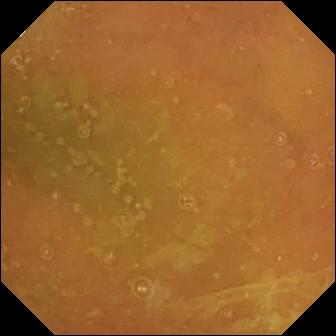This WCE frame shows normal clean mucosa.